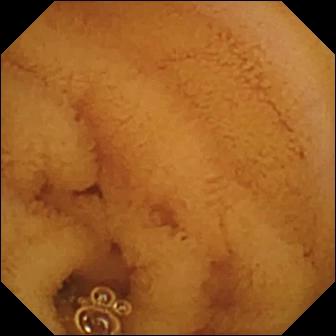- modality: capsule endoscopy
- segment: small bowel
- label: normal clean mucosa